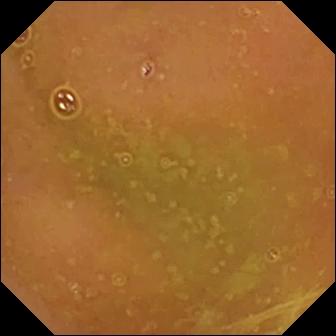Wireless capsule endoscopy — normal clean mucosa.